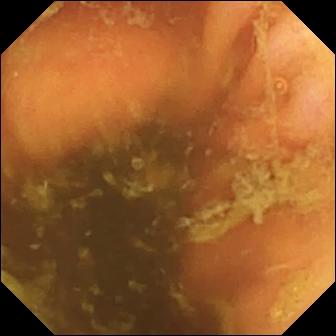Capsule endoscopy. Near an anatomical landmark. Position: ileo-cecal valve region.